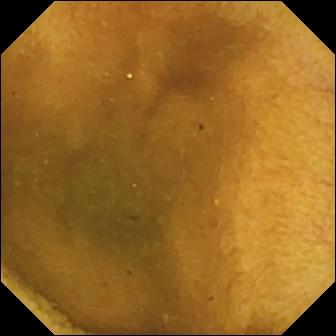Normal clean mucosa (336×336).